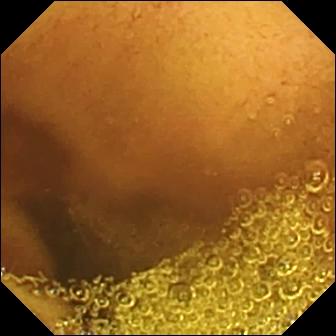{"modality": "VCE", "segment": "small bowel", "finding": "normal clean mucosa"}